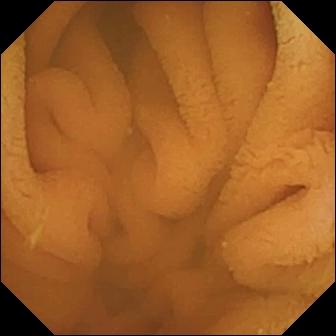modality: capsule endoscopy
category: luminal finding
finding: normal clean mucosa